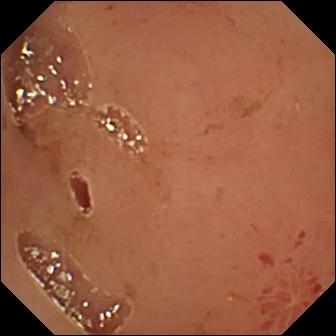{"modality": "wireless capsule endoscopy", "category": "luminal finding", "finding": "erosion"}